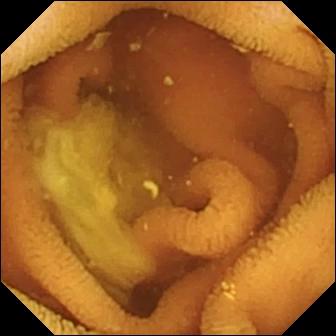Normal clean mucosa — small-bowel capsule endoscopy image.